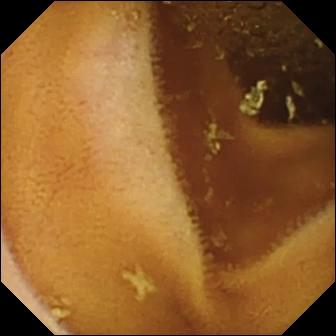Capsule endoscopy. Small bowel. Observation: normal clean mucosa.